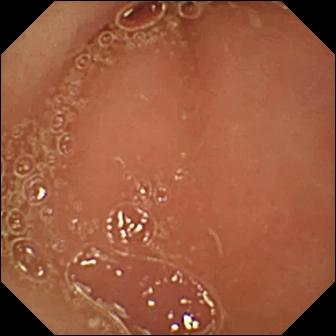Pylorus region (where the capsule passes from the stomach into the small bowel).